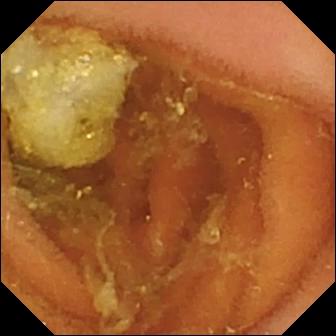Wireless capsule endoscopy — normal clean mucosa.